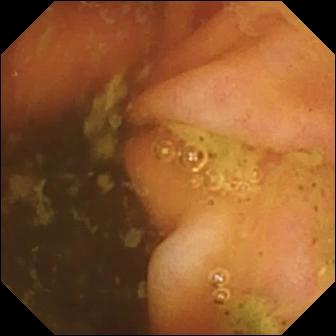Q: Where in the digestive tract was this wireless capsule endoscopy view taken?
A: Ileo-cecal valve region (where the capsule passes from the small bowel into the large bowel).